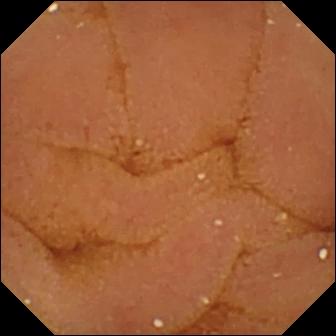PROCEDURE: WCE.
SEGMENT: Small intestine.
FINDINGS: Normal clean mucosa.